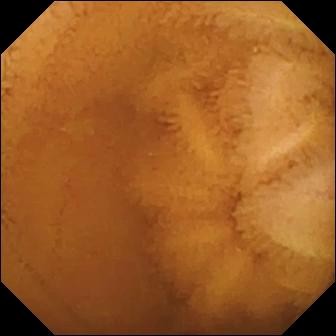Small-bowel capsule endoscopy frame showing normal clean mucosa.